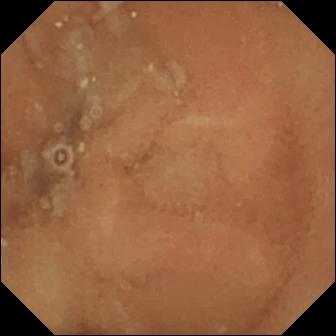Normal clean mucosa (336×336).